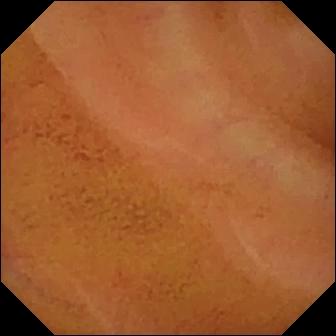Small-bowel capsule endoscopy still (small bowel). Normal clean mucosa.